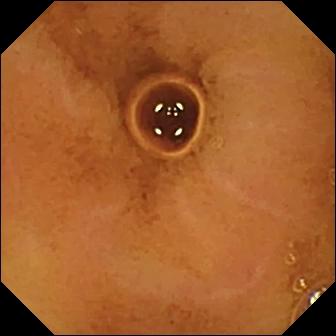PROCEDURE: Video capsule endoscopy.
SEGMENT: Small intestine.
FINDINGS: Normal clean mucosa.